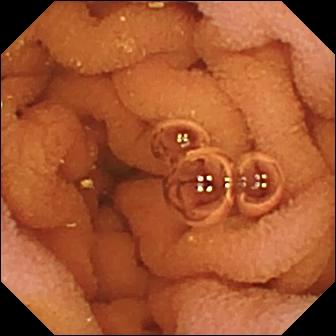This VCE frame of the small intestine shows normal clean mucosa.